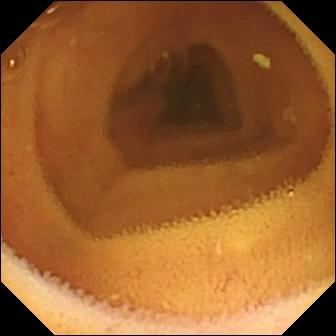Normal clean mucosa.